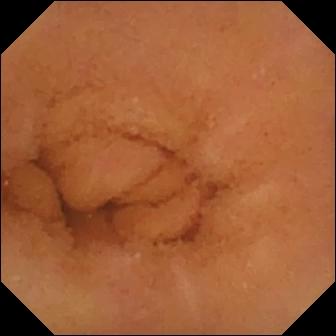This capsule endoscopy view shows normal clean mucosa.